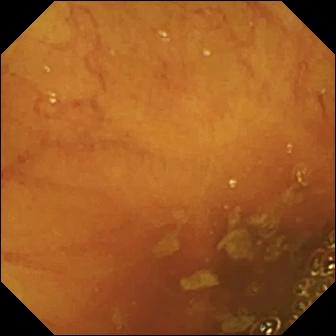- modality: WCE
- location: ileo-cecal valve region (the transition from the small bowel to the large bowel)